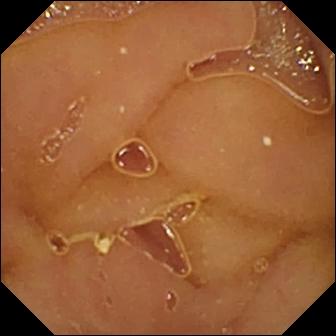{"modality": "small-bowel capsule endoscopy", "category": "luminal finding", "finding": "normal clean mucosa"}